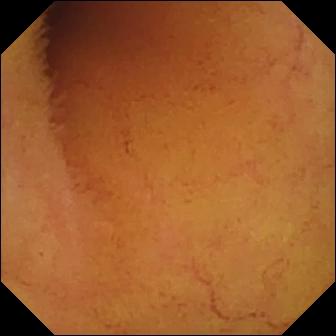Capsule endoscopy image
Observation: normal clean mucosa